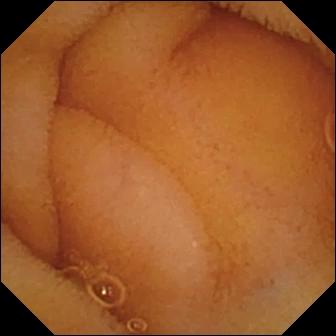{"modality": "VCE", "segment": "small intestine", "finding": "normal clean mucosa"}